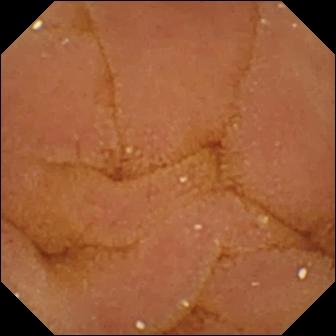PROCEDURE: Capsule endoscopy.
FINDINGS: Normal clean mucosa.